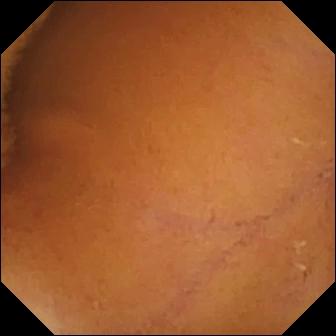This WCE frame shows normal clean mucosa.